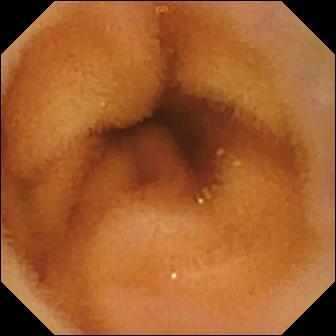VCE. Small intestine. Luminal finding. Observation: normal clean mucosa.